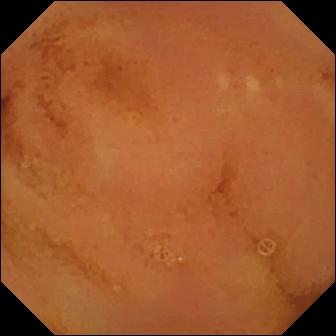{"modality": "VCE", "finding": "normal clean mucosa"}